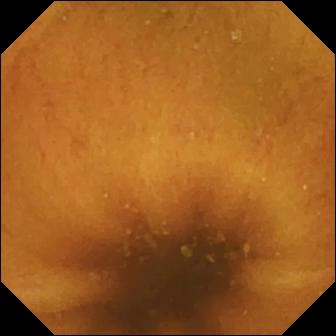{"modality": "video capsule endoscopy", "segment": "small intestine", "finding": "normal clean mucosa"}